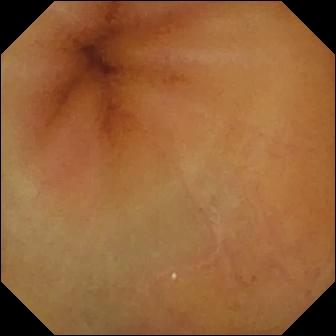PROCEDURE: Wireless capsule endoscopy.
SEGMENT: Small intestine.
FINDINGS: Normal clean mucosa.